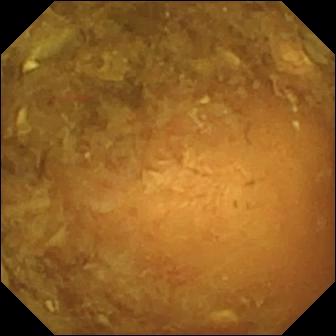Small-bowel capsule endoscopy image showing reduced mucosal view (content or bubbles obscuring the mucosa).